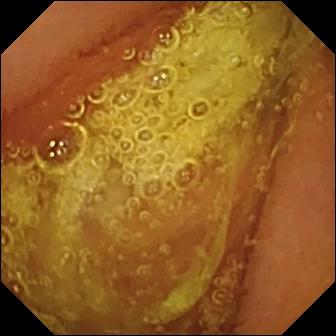- modality: small-bowel capsule endoscopy
- impression: normal clean mucosa